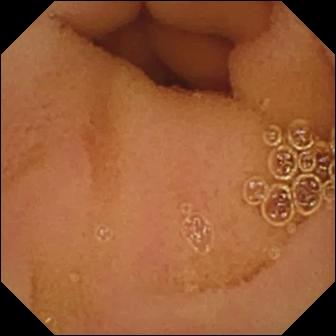VCE. Observation: normal clean mucosa.